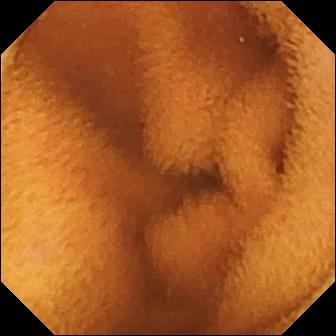Video capsule endoscopy snapshot. Normal clean mucosa.